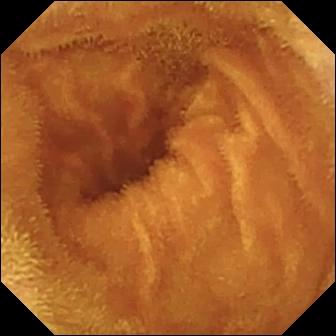Video capsule endoscopy snapshot, 336×336. Normal clean mucosa.